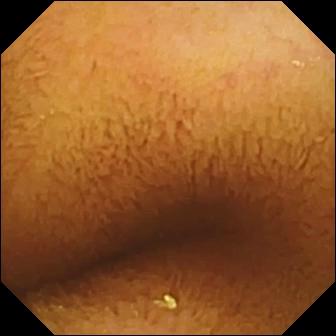Normal clean mucosa.